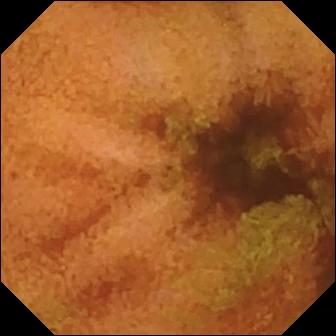This video capsule endoscopy image shows normal clean mucosa.